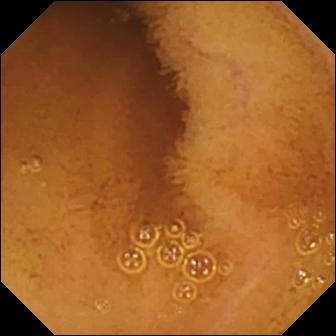Q: What does this VCE view of the small intestine show?
A: Normal clean mucosa.